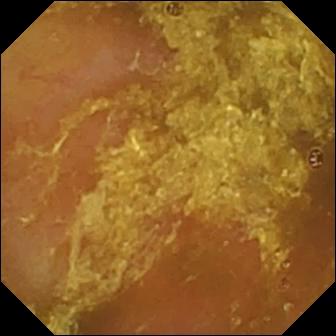This capsule endoscopy still of the small intestine shows reduced mucosal view (content or bubbles obscuring the mucosa).